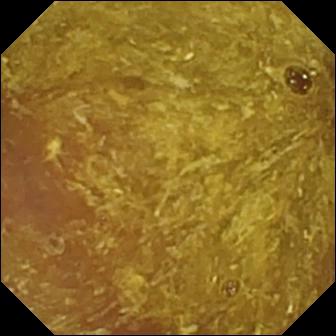Reduced mucosal view (content or bubbles obscuring the mucosa).